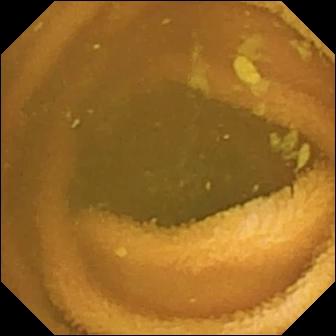Normal clean mucosa.